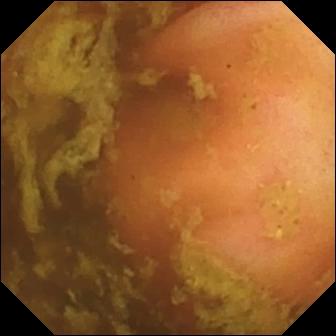{"modality": "small-bowel capsule endoscopy", "label": "ileo-cecal valve region (where the capsule passes from the small bowel into the large bowel)"}